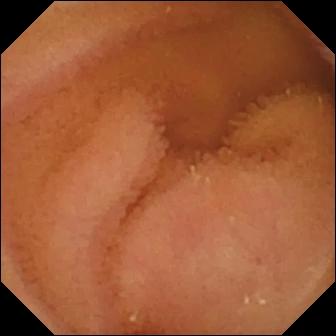Capsule endoscopy — normal clean mucosa.